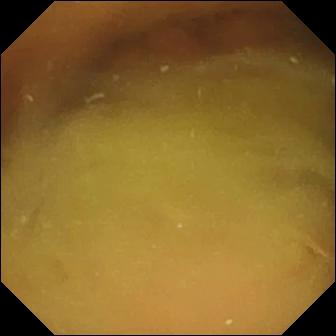WCE frame of the small intestine showing normal clean mucosa.